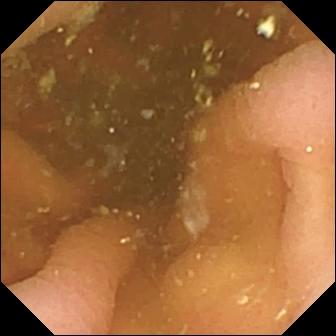- modality: WCE
- category: anatomical landmark
- video segment: pylorus region